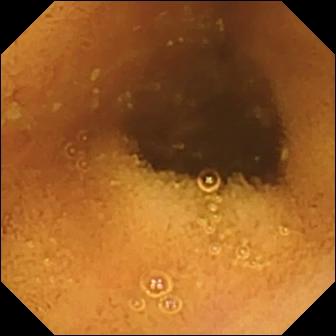Normal clean mucosa.